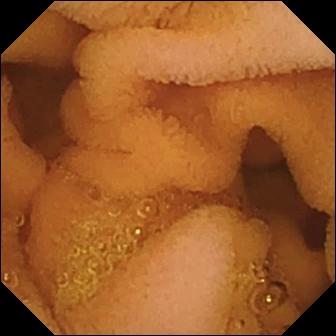Normal clean mucosa.